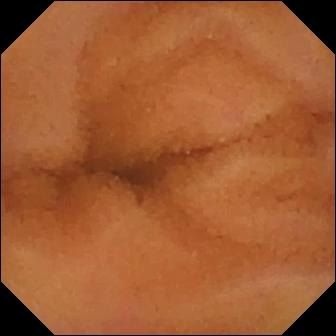Normal clean mucosa — capsule endoscopy view of the small bowel.